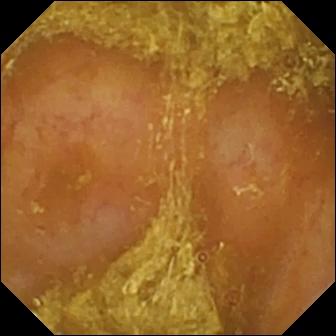PROCEDURE: WCE.
SEGMENT: Small bowel.
FINDINGS: Reduced mucosal view (content or bubbles obscuring the mucosa).